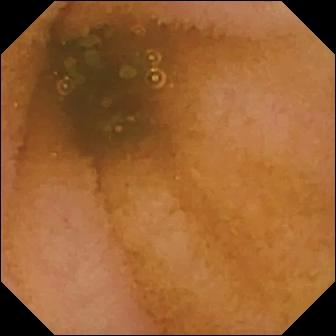Normal clean mucosa (336×336).